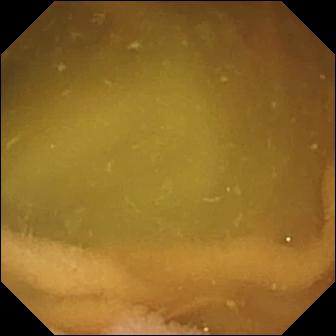- modality: VCE
- segment: small bowel
- label: normal clean mucosa